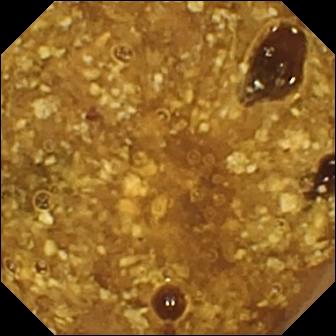Video capsule endoscopy — reduced mucosal view (content or bubbles obscuring the mucosa).